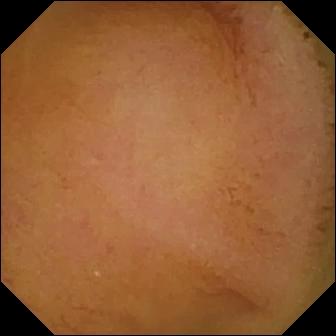{"modality": "VCE", "segment": "small bowel", "finding": "normal clean mucosa"}